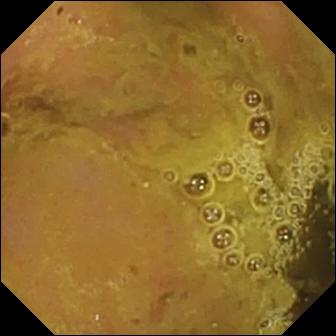- modality: wireless capsule endoscopy
- label: ileo-cecal valve region (where the capsule passes from the small bowel into the large bowel)